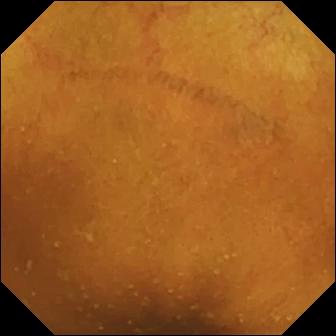Small-bowel capsule endoscopy frame of the small bowel showing normal clean mucosa.